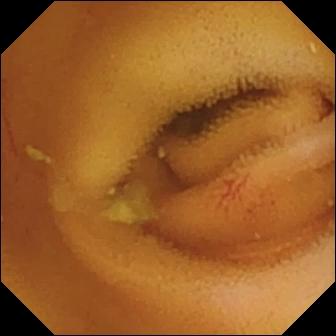VCE snapshot showing angiectasia.